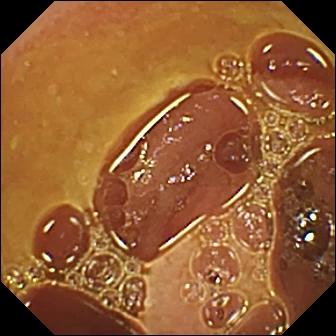Wireless capsule endoscopy still
Observation: normal clean mucosa